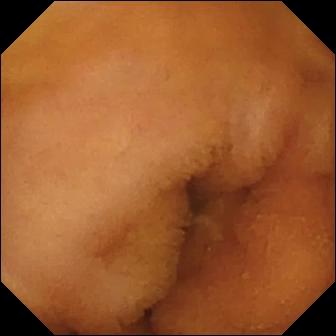Normal clean mucosa (336×336).